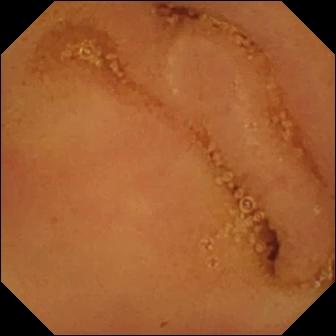{"modality": "wireless capsule endoscopy", "segment": "small intestine", "category": "luminal finding", "finding": "normal clean mucosa"}